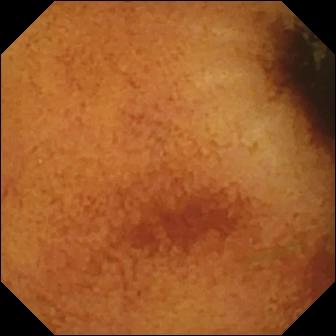Small-bowel capsule endoscopy — normal clean mucosa.